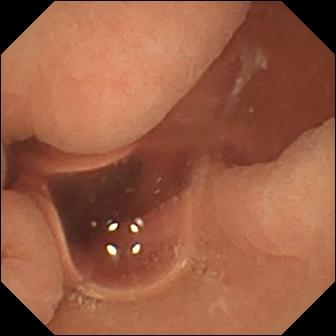VCE image
Finding: normal clean mucosa